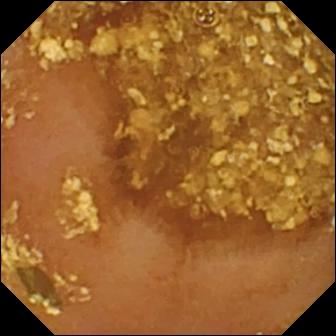Small-bowel capsule endoscopy snapshot. Reduced mucosal view (content or bubbles obscuring the mucosa).